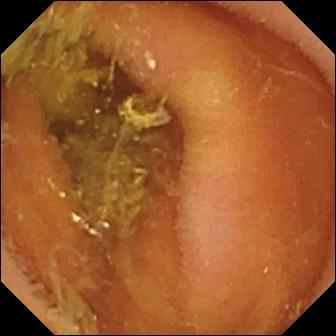VCE snapshot
Finding: normal clean mucosa